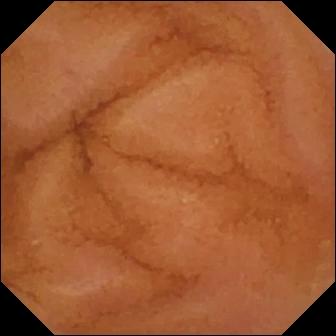PROCEDURE: Wireless capsule endoscopy.
FINDINGS: Normal clean mucosa.